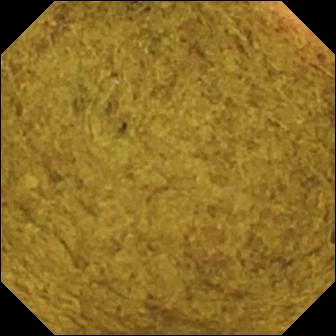Wireless capsule endoscopy snapshot
Label: ileo-cecal valve region (where the capsule passes from the small bowel into the large bowel)